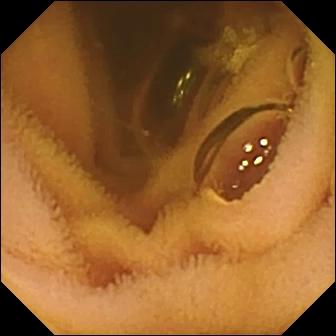PROCEDURE: Wireless capsule endoscopy.
SEGMENT: Small intestine.
FINDINGS: Normal clean mucosa.